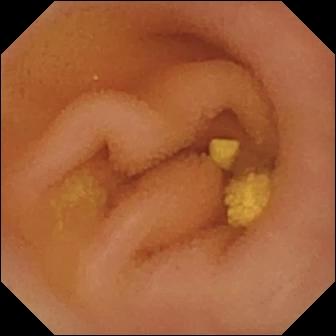Q: What does this wireless capsule endoscopy image show?
A: Lymphangiectasia.